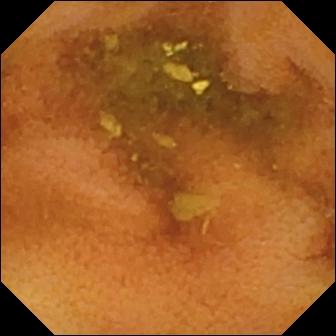WCE — normal clean mucosa.